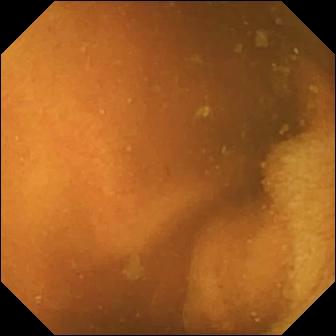Normal clean mucosa.